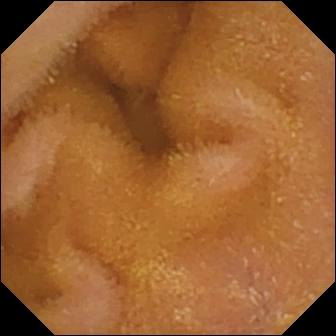Video capsule endoscopy — normal clean mucosa.